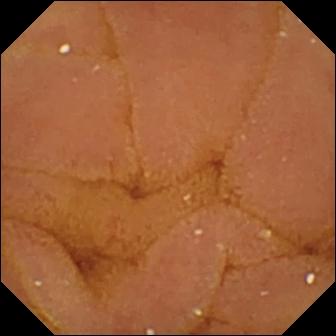Normal clean mucosa — capsule endoscopy frame of the small intestine.